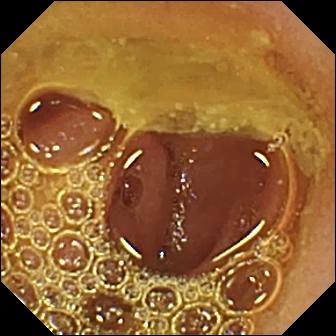{"modality": "video capsule endoscopy", "category": "luminal finding", "finding": "normal clean mucosa"}